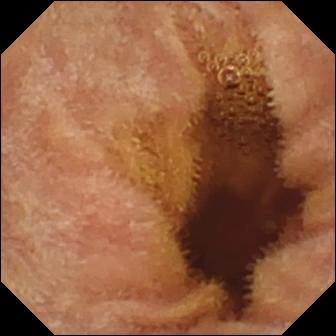Normal clean mucosa.